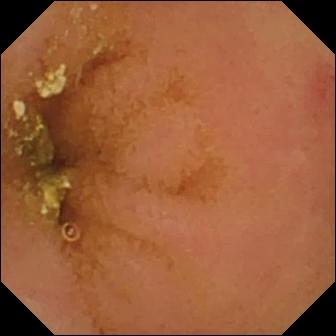{"modality": "VCE", "finding": "normal clean mucosa"}